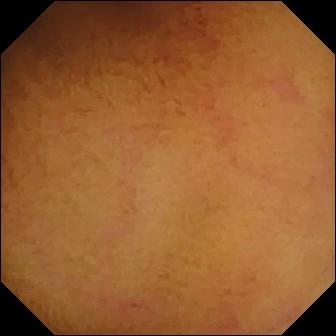PROCEDURE: VCE.
FINDINGS: Normal clean mucosa.